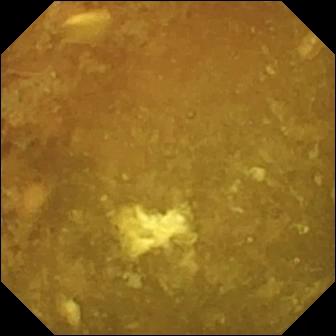Reduced mucosal view (content or bubbles obscuring the mucosa) — wireless capsule endoscopy image of the small intestine.